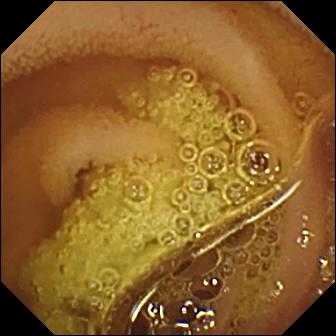Normal clean mucosa.